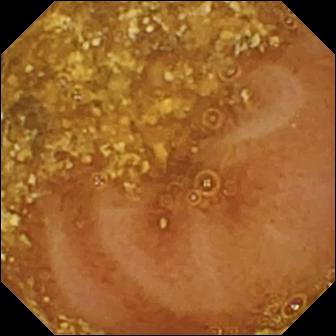Video capsule endoscopy image, small bowel
Finding: reduced mucosal view (content or bubbles obscuring the mucosa)